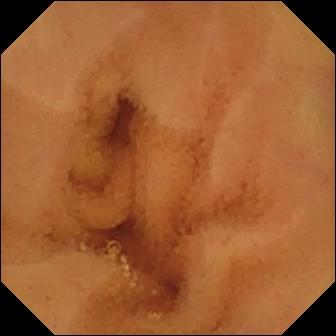Q: What does this small-bowel capsule endoscopy frame show?
A: Normal clean mucosa.